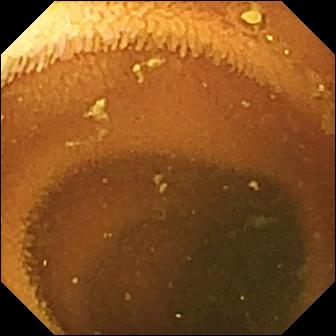Wireless capsule endoscopy — normal clean mucosa.